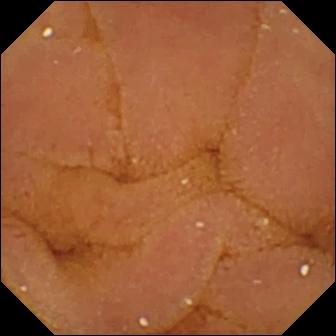- modality: wireless capsule endoscopy
- label: normal clean mucosa